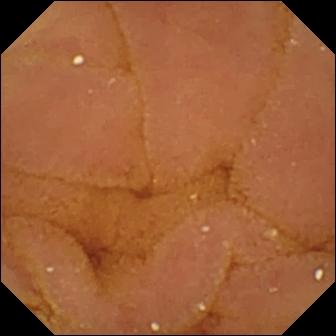PROCEDURE: VCE.
SEGMENT: Small intestine.
FINDINGS: Normal clean mucosa.